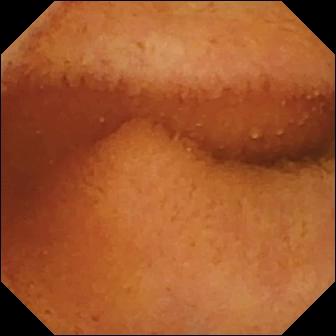modality: wireless capsule endoscopy
impression: normal clean mucosa